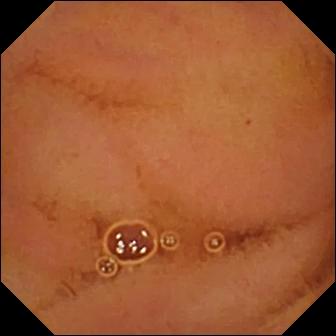modality: capsule endoscopy
segment: small intestine
impression: normal clean mucosa